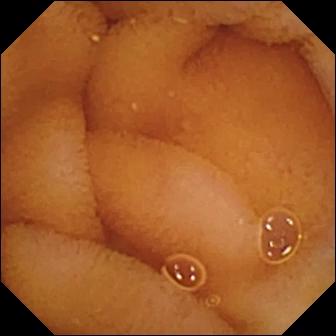Capsule endoscopy — normal clean mucosa.